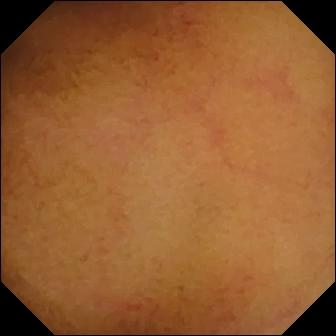modality: small-bowel capsule endoscopy
segment: small bowel
impression: normal clean mucosa